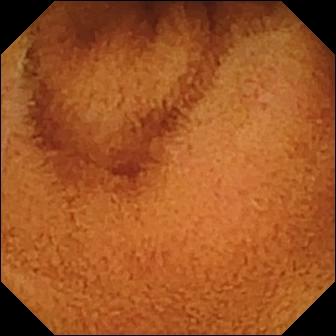modality: capsule endoscopy | segment: small intestine | label: normal clean mucosa